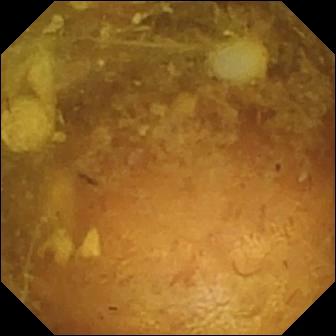modality: wireless capsule endoscopy
category: luminal finding
label: reduced mucosal view (content or bubbles obscuring the mucosa)